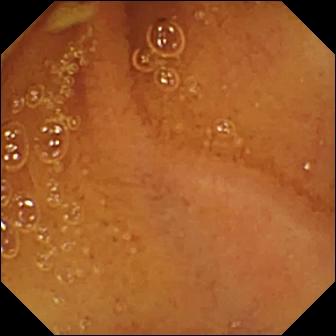Q: What does this video capsule endoscopy snapshot of the small bowel show?
A: Normal clean mucosa.